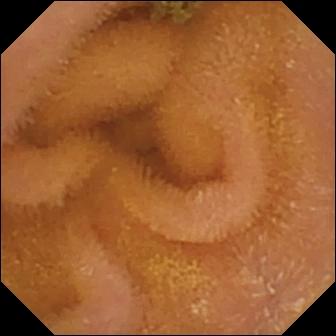PROCEDURE: Video capsule endoscopy.
FINDINGS: Normal clean mucosa.